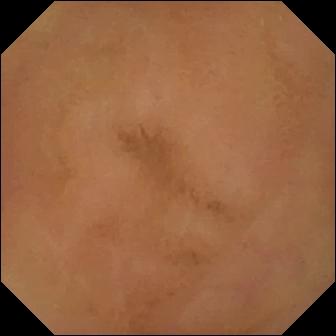VCE view showing normal clean mucosa.